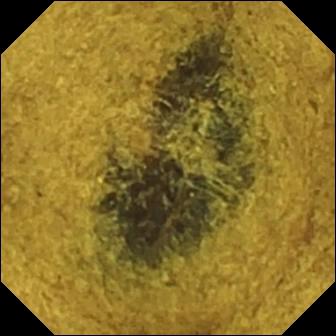modality: wireless capsule endoscopy | category: anatomical landmark | location: ileo-cecal valve region (the transition from the small bowel to the large bowel)